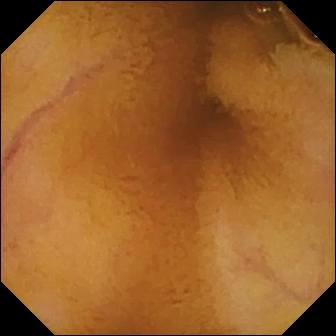- modality: VCE
- label: normal clean mucosa